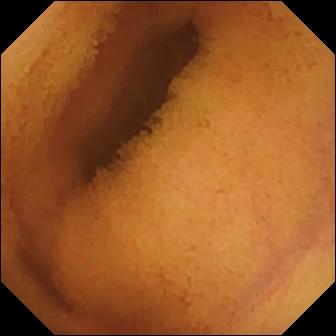Normal clean mucosa — video capsule endoscopy image of the small bowel.